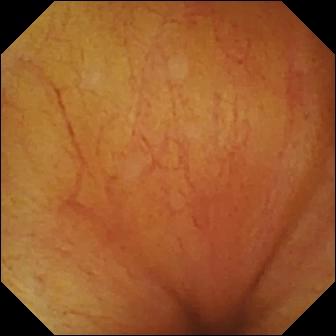Q: Where in the digestive tract was this WCE still taken?
A: Ileo-cecal valve region (where the capsule passes from the small bowel into the large bowel).